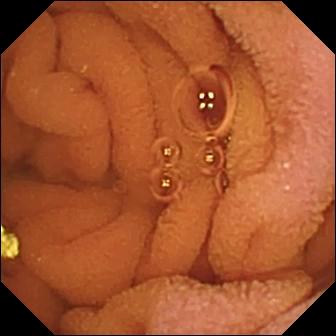VCE. Label: normal clean mucosa.